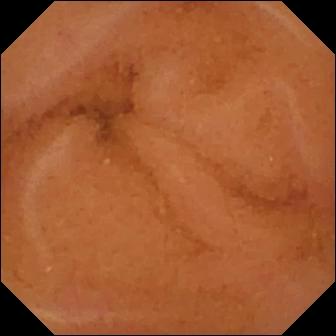- modality: capsule endoscopy
- category: luminal finding
- finding: normal clean mucosa